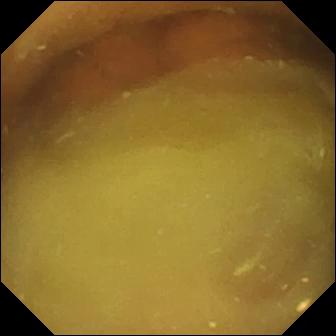{"modality": "small-bowel capsule endoscopy", "segment": "small intestine", "category": "luminal finding", "finding": "normal clean mucosa"}